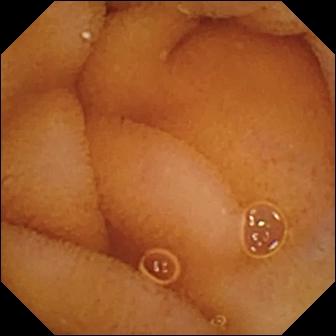Q: What does this small-bowel capsule endoscopy snapshot of the small intestine show?
A: Normal clean mucosa.